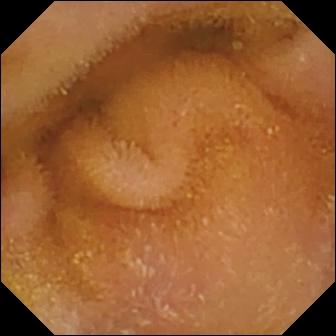PROCEDURE: WCE.
SEGMENT: Small intestine.
FINDINGS: Normal clean mucosa.